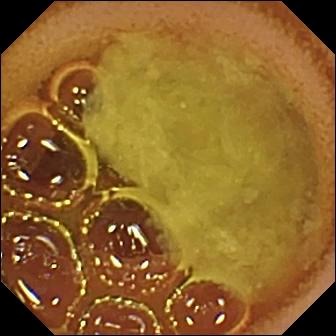Video capsule endoscopy snapshot, 336×336. Normal clean mucosa.